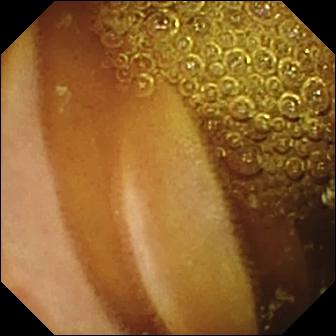This small-bowel capsule endoscopy snapshot shows normal clean mucosa.